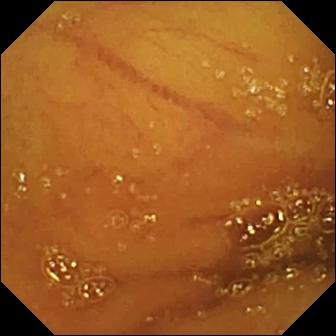This VCE frame of the small intestine shows normal clean mucosa.